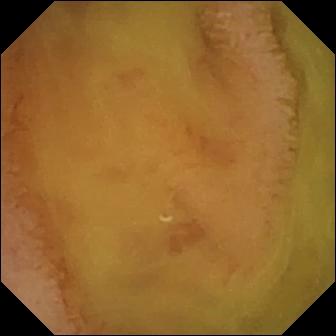{"modality": "VCE", "category": "luminal finding", "finding": "normal clean mucosa"}